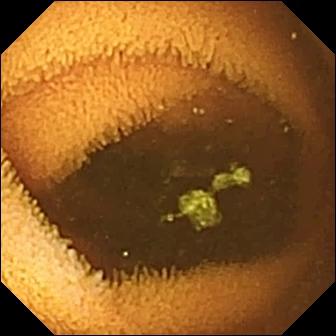{"modality": "WCE", "segment": "small bowel", "finding": "normal clean mucosa"}